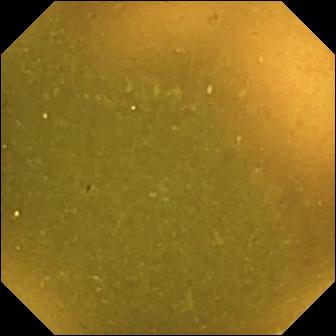VCE still, 336×336. Taken in the ileo-cecal valve region (the transition from the small bowel to the large bowel).